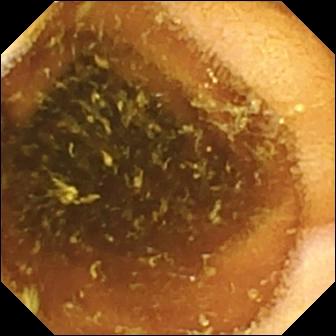This capsule endoscopy image shows normal clean mucosa.